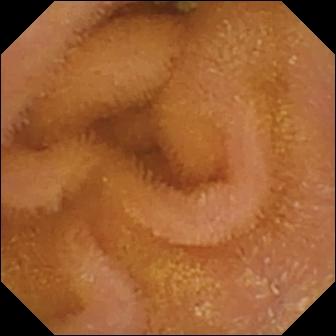PROCEDURE: WCE.
SEGMENT: Small bowel.
FINDINGS: Normal clean mucosa.